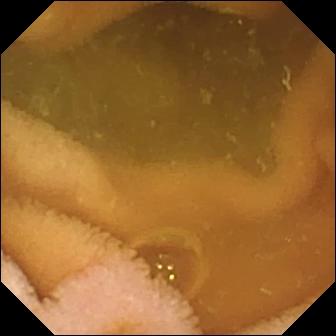WCE still of the small intestine showing normal clean mucosa.